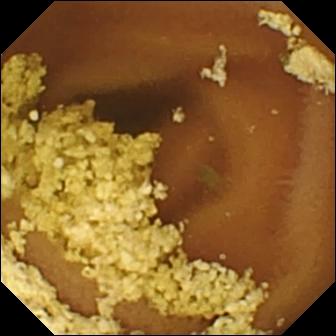Video capsule endoscopy still. Normal clean mucosa.